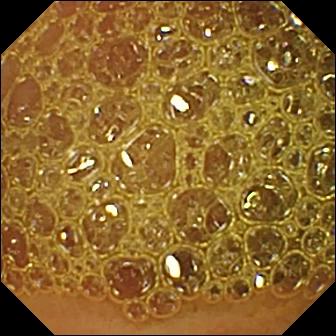- modality: capsule endoscopy
- segment: small intestine
- observation: reduced mucosal view (content or bubbles obscuring the mucosa)